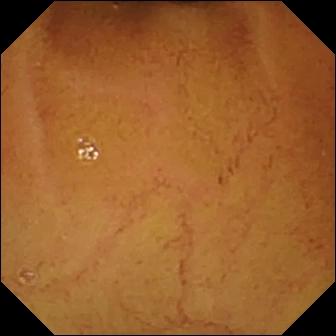Capsule endoscopy — normal clean mucosa.